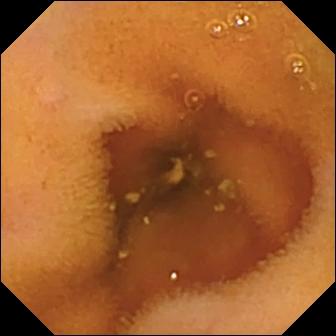Video capsule endoscopy frame. Normal clean mucosa.